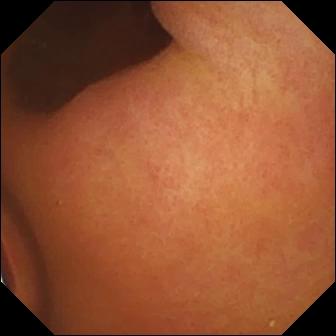PROCEDURE: Wireless capsule endoscopy.
FINDINGS: Foreign body (e.g. retained capsule, tablet residue).